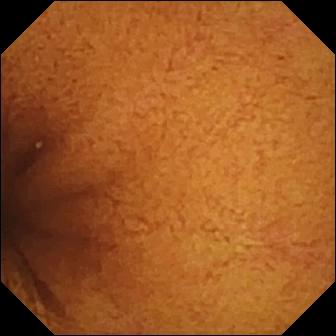modality: video capsule endoscopy; category: luminal finding; finding: normal clean mucosa